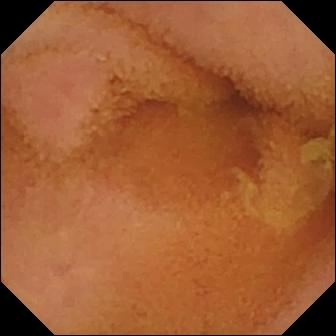VCE view, small intestine
Finding: normal clean mucosa